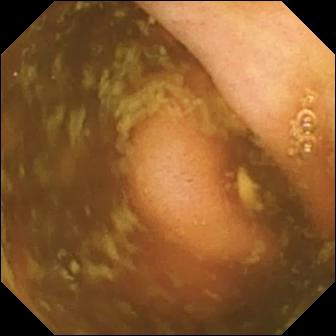PROCEDURE: WCE.
POSITION: Ileo-cecal valve region.